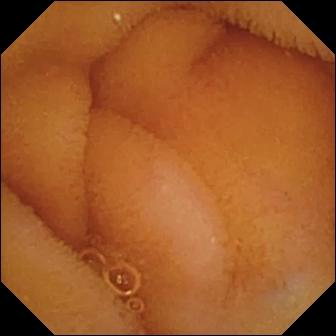PROCEDURE: WCE.
FINDINGS: Normal clean mucosa.